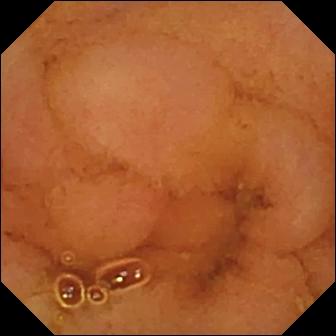VCE. Impression: normal clean mucosa.